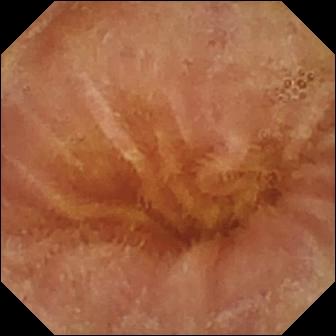Q: What does this video capsule endoscopy still show?
A: Normal clean mucosa.